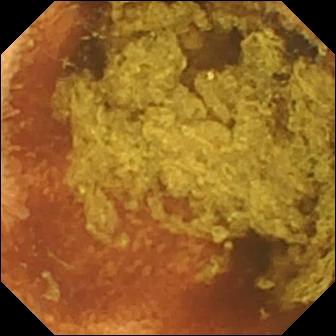Wireless capsule endoscopy. Small bowel. Observation: normal clean mucosa.